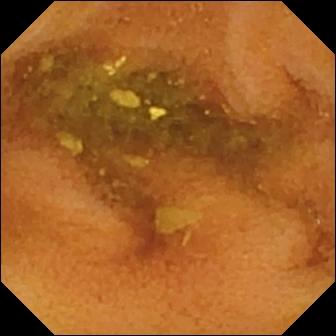Video capsule endoscopy — normal clean mucosa.